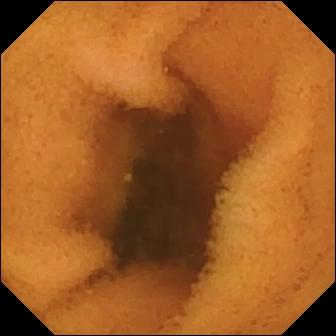This small-bowel capsule endoscopy still of the small bowel shows normal clean mucosa.